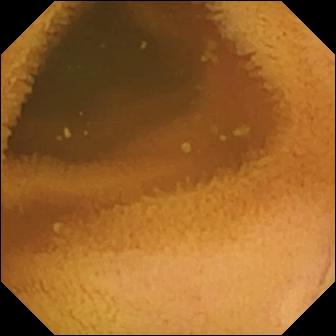- modality: small-bowel capsule endoscopy
- segment: small bowel
- label: normal clean mucosa